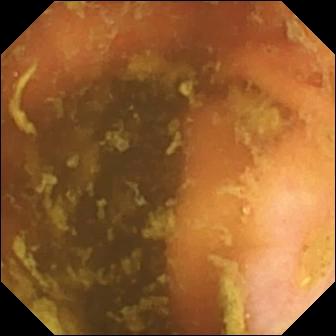Ileo-cecal valve region — small-bowel capsule endoscopy snapshot.